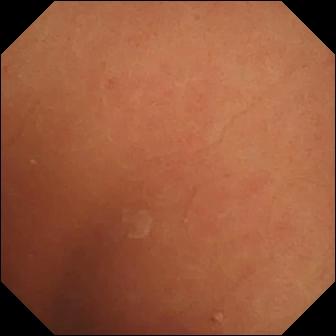Normal clean mucosa.